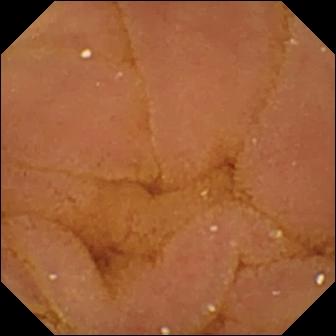Small-bowel capsule endoscopy frame showing normal clean mucosa.